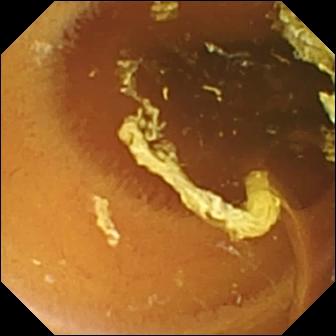Wireless capsule endoscopy — normal clean mucosa.